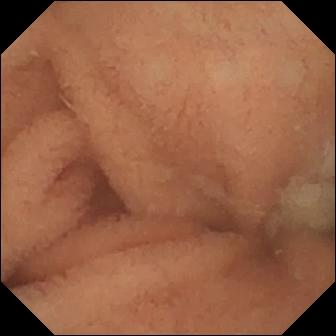{"modality": "video capsule endoscopy", "segment": "small intestine", "finding": "normal clean mucosa"}